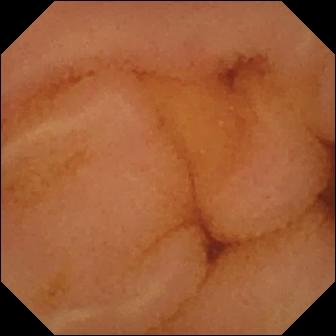This small-bowel capsule endoscopy still shows normal clean mucosa.